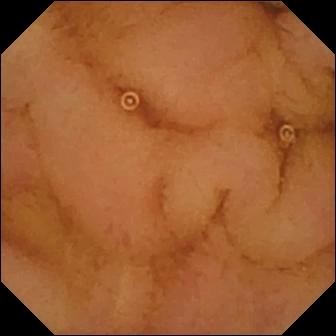WCE view showing normal clean mucosa.